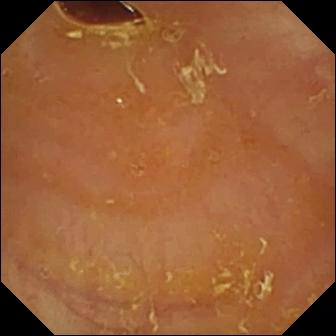Reduced mucosal view (content or bubbles obscuring the mucosa).